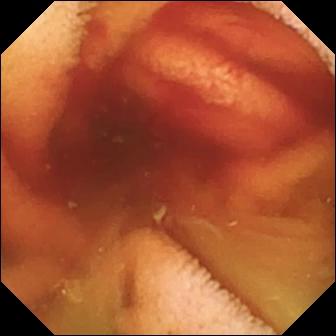Video capsule endoscopy frame
Observation: fresh blood in the lumen